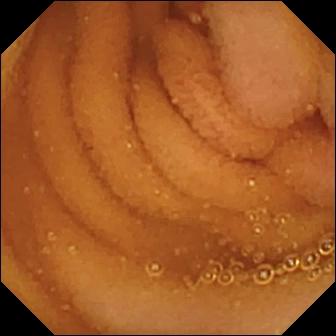Small-bowel capsule endoscopy frame of the small intestine showing normal clean mucosa.